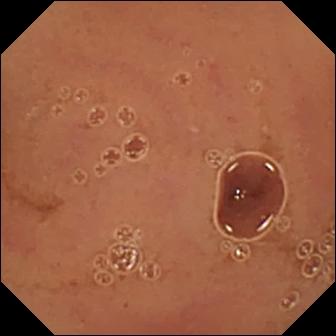WCE image, small bowel
Impression: normal clean mucosa